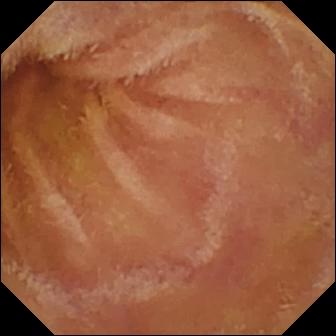- modality: VCE
- segment: small bowel
- label: normal clean mucosa